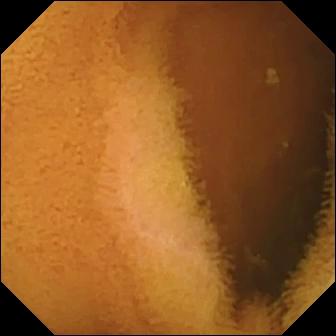PROCEDURE: Wireless capsule endoscopy.
SEGMENT: Small bowel.
FINDINGS: Normal clean mucosa.